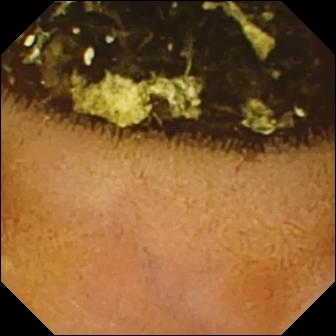Wireless capsule endoscopy — normal clean mucosa.